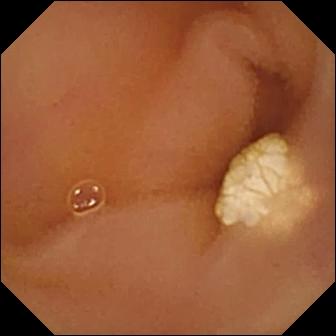{"modality": "video capsule endoscopy", "category": "luminal finding", "finding": "lymphangiectasia"}